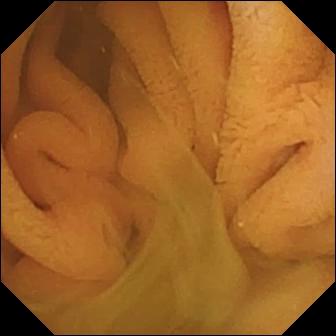VCE image of the small intestine showing normal clean mucosa.